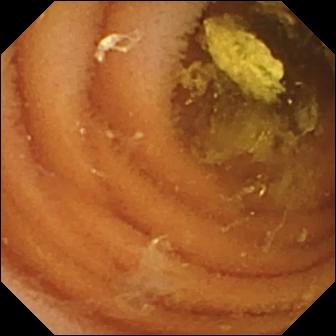This small-bowel capsule endoscopy snapshot shows normal clean mucosa.